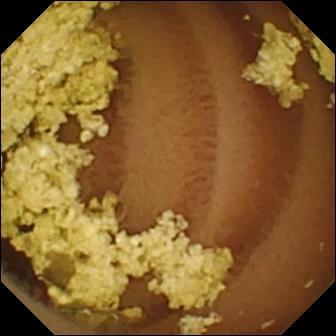- modality: WCE
- observation: normal clean mucosa